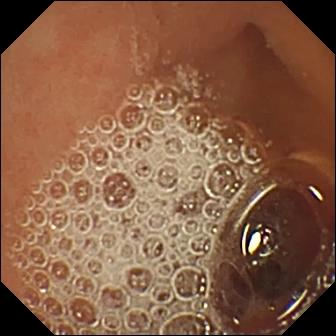This wireless capsule endoscopy snapshot shows normal clean mucosa.